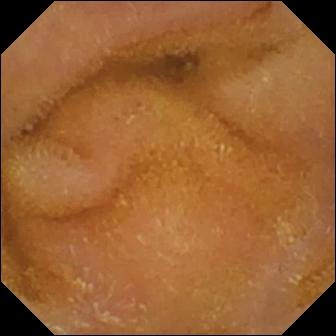Normal clean mucosa — small-bowel capsule endoscopy frame of the small bowel.